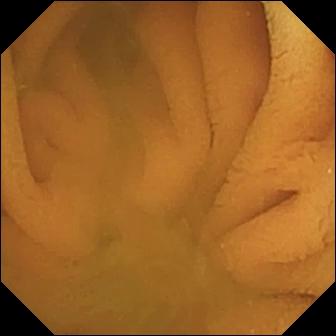Video capsule endoscopy frame
Impression: normal clean mucosa